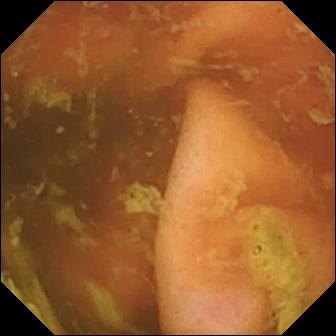modality: capsule endoscopy
video segment: ileo-cecal valve region (the transition from the small bowel to the large bowel)